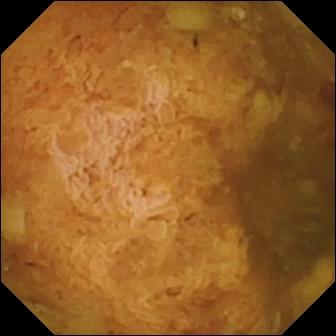- modality: small-bowel capsule endoscopy
- segment: small bowel
- label: reduced mucosal view (content or bubbles obscuring the mucosa)